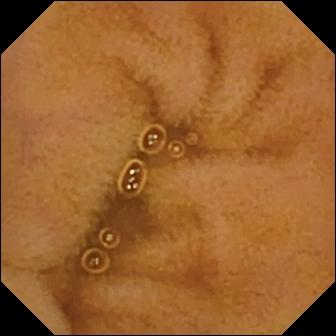{"modality": "VCE", "segment": "small bowel", "finding": "normal clean mucosa"}